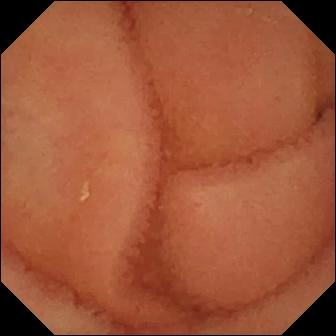VCE snapshot
Label: normal clean mucosa